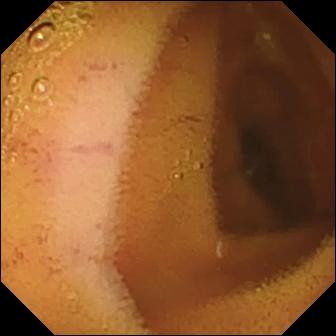Video capsule endoscopy. Observation: normal clean mucosa.